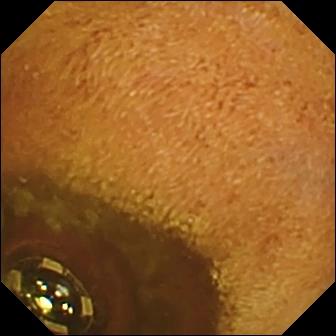Wireless capsule endoscopy — foreign body (e.g. retained capsule, tablet residue).